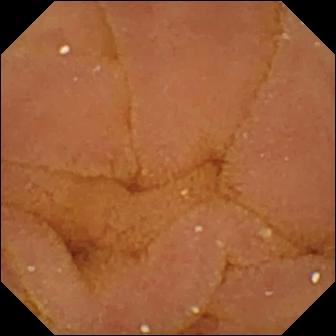- modality: wireless capsule endoscopy
- segment: small intestine
- observation: normal clean mucosa